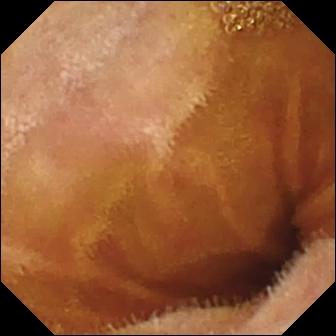Normal clean mucosa — WCE frame.